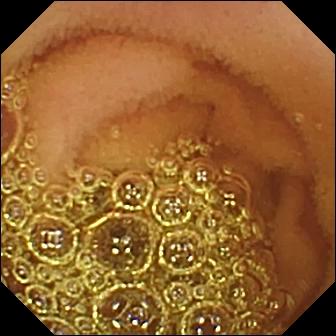modality: wireless capsule endoscopy; segment: small bowel; finding: normal clean mucosa